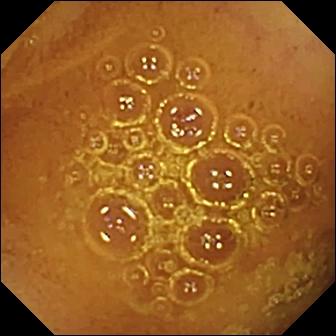Normal clean mucosa — capsule endoscopy frame of the small intestine.